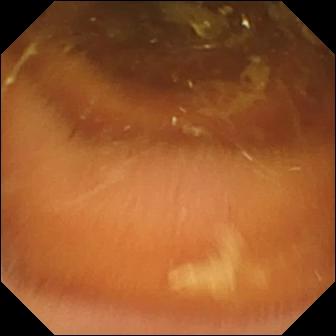WCE image
Impression: normal clean mucosa